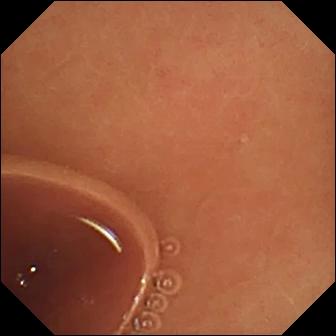PROCEDURE: Small-bowel capsule endoscopy.
FINDINGS: Normal clean mucosa.